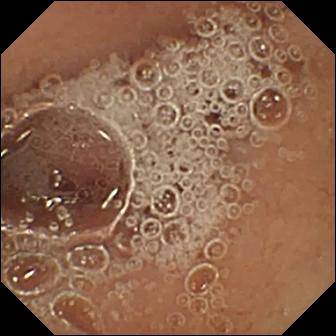Video capsule endoscopy view. Taken in the pylorus region (the junction between the stomach and the small bowel).